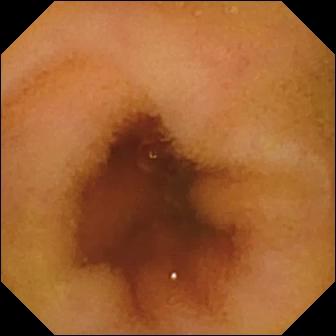This small-bowel capsule endoscopy still of the small bowel shows normal clean mucosa.